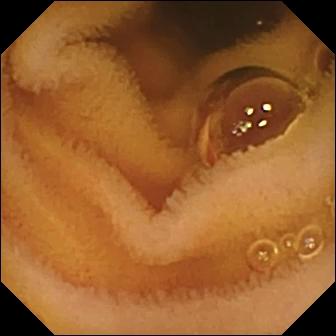Q: What does this wireless capsule endoscopy view show?
A: Normal clean mucosa.